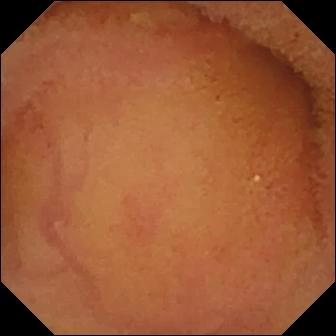Normal clean mucosa — WCE snapshot.